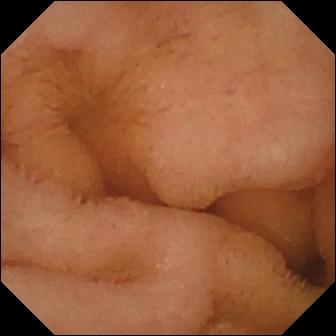modality: small-bowel capsule endoscopy; category: luminal finding; observation: normal clean mucosa